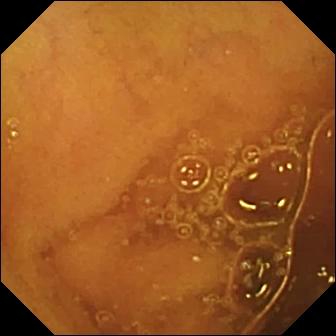Video capsule endoscopy frame
Finding: normal clean mucosa